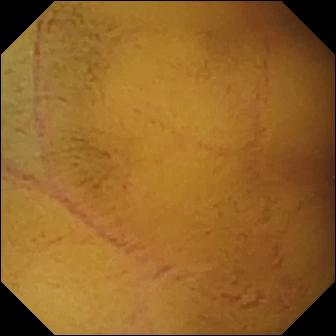Normal clean mucosa.